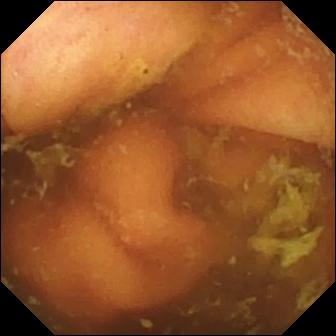{"modality": "VCE", "category": "anatomical landmark", "location": "ileo-cecal valve region"}